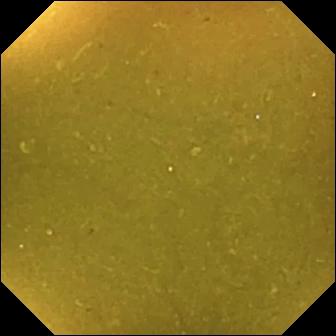PROCEDURE: Small-bowel capsule endoscopy.
LOCATION: Ileo-cecal valve region (where the capsule passes from the small bowel into the large bowel).